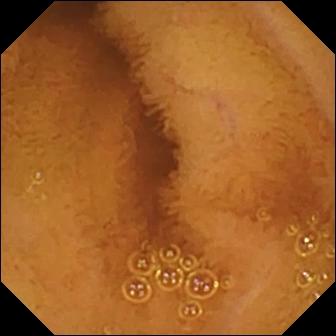Normal clean mucosa.